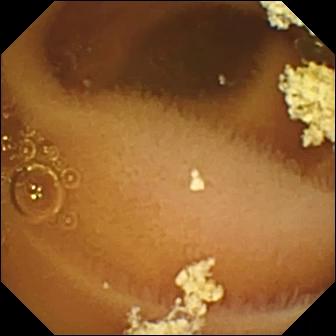Video capsule endoscopy still (small bowel), 336×336. Normal clean mucosa.